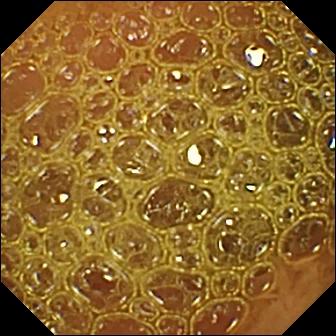Q: What does this WCE frame show?
A: Reduced mucosal view (content or bubbles obscuring the mucosa).